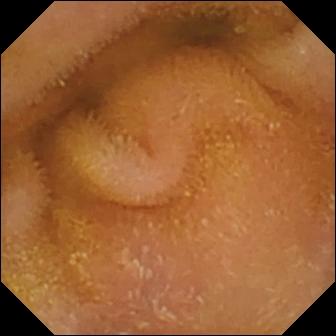Small-bowel capsule endoscopy still of the small bowel showing normal clean mucosa.